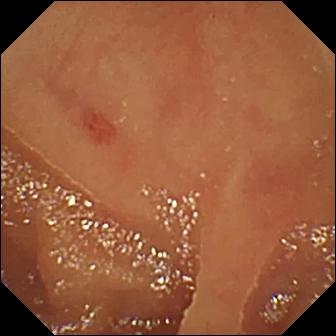Video capsule endoscopy view
Impression: angiectasia